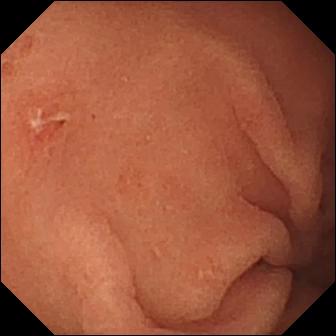Erosion.